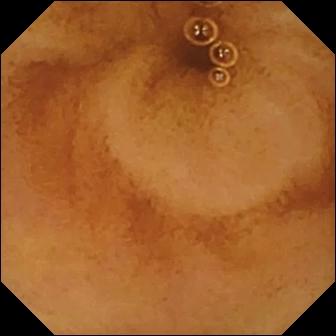This wireless capsule endoscopy frame shows normal clean mucosa.